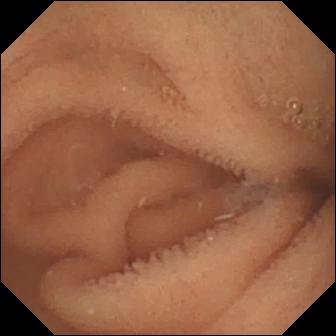Normal clean mucosa — WCE view of the small bowel.